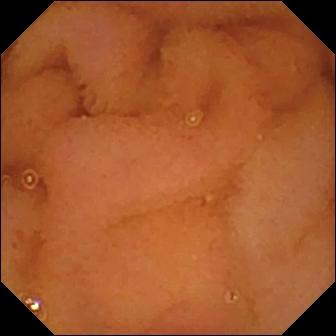Wireless capsule endoscopy still (small intestine). Normal clean mucosa.